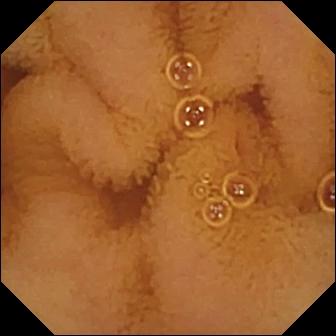Video capsule endoscopy frame of the small intestine showing normal clean mucosa.